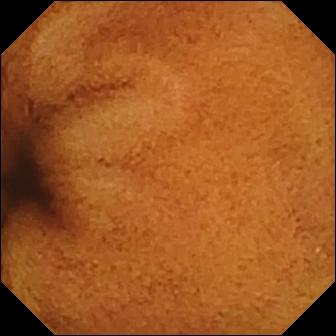VCE frame
Observation: normal clean mucosa